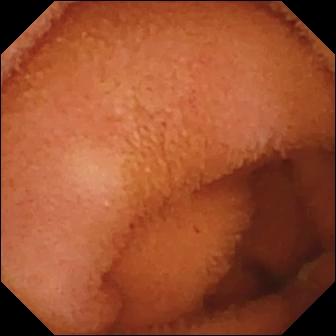VCE. Finding: normal clean mucosa.